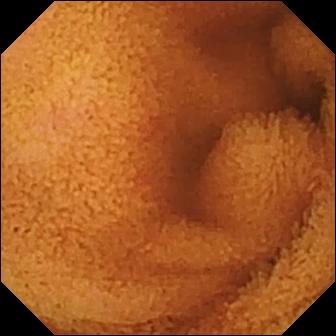Normal clean mucosa.